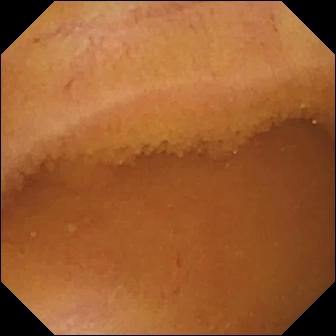VCE still of the small bowel showing normal clean mucosa.